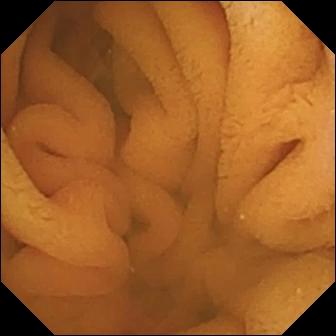Normal clean mucosa (336×336).